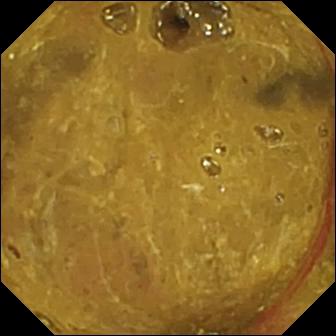- modality: small-bowel capsule endoscopy
- position: ileo-cecal valve region